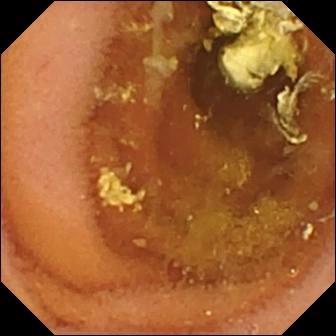Normal clean mucosa — VCE snapshot.